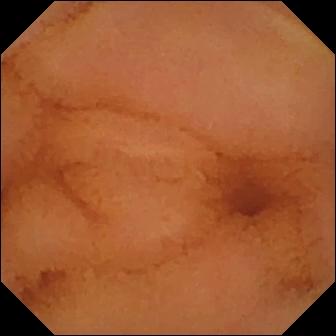PROCEDURE: Small-bowel capsule endoscopy.
FINDINGS: Normal clean mucosa.